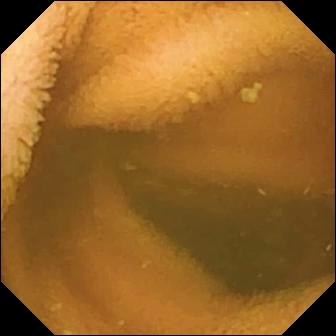- modality: small-bowel capsule endoscopy
- finding: normal clean mucosa